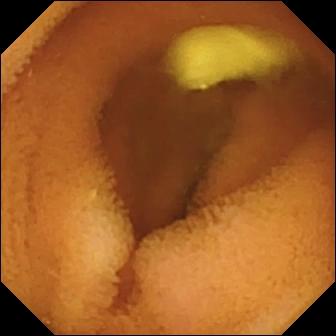Small-bowel capsule endoscopy. Small bowel. Observation: normal clean mucosa.